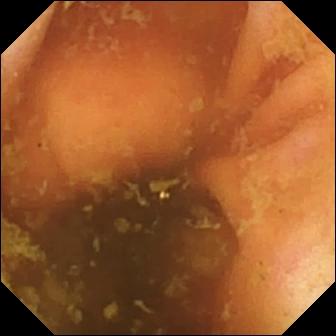Q: Where in the digestive tract was this wireless capsule endoscopy frame taken?
A: Ileo-cecal valve region.